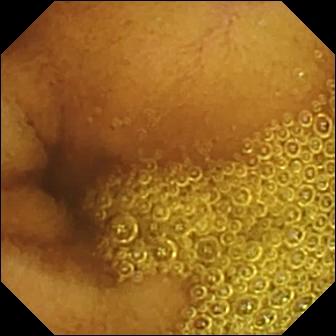Video capsule endoscopy — normal clean mucosa.